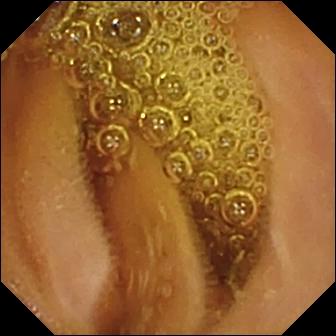Q: What does this wireless capsule endoscopy frame of the small intestine show?
A: Normal clean mucosa.